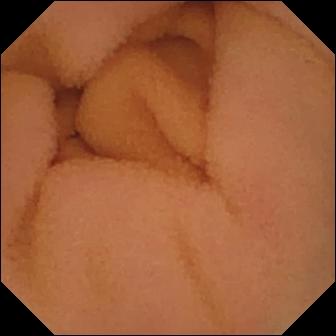{"modality": "WCE", "segment": "small bowel", "category": "luminal finding", "finding": "normal clean mucosa"}